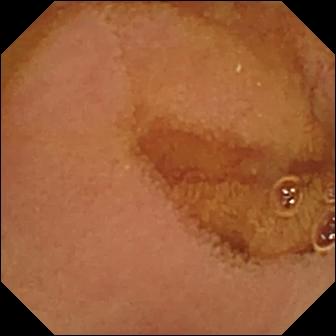{"modality": "small-bowel capsule endoscopy", "segment": "small intestine", "finding": "normal clean mucosa"}